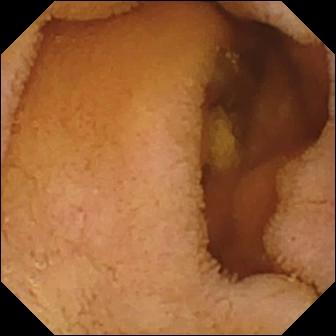Q: What does this VCE still show?
A: Normal clean mucosa.